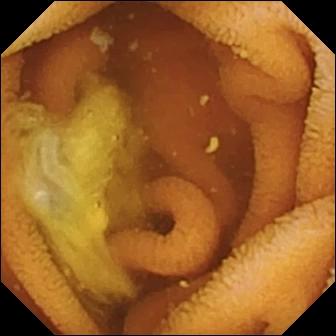Normal clean mucosa — capsule endoscopy snapshot.